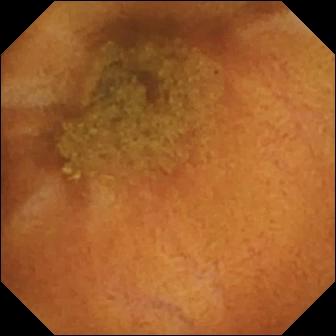VCE. Luminal finding. Impression: normal clean mucosa.